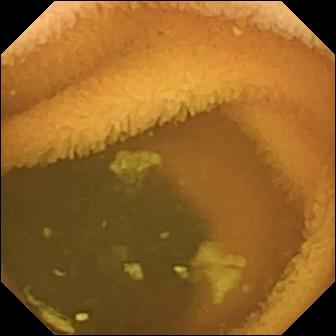Video capsule endoscopy. Small intestine. Label: normal clean mucosa.